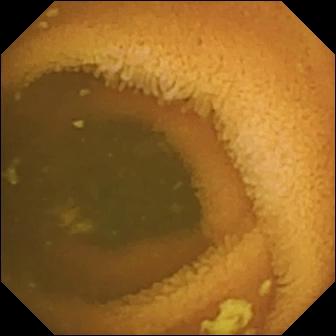- modality: small-bowel capsule endoscopy
- label: normal clean mucosa